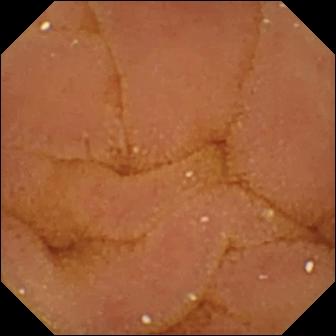Wireless capsule endoscopy. Observation: normal clean mucosa.